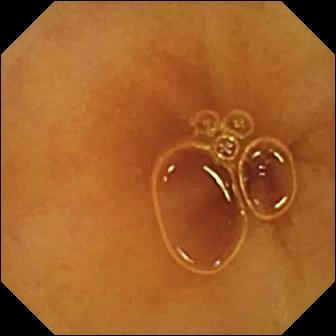Normal clean mucosa.